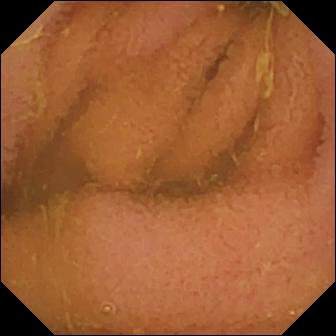Normal clean mucosa — WCE snapshot of the small intestine.